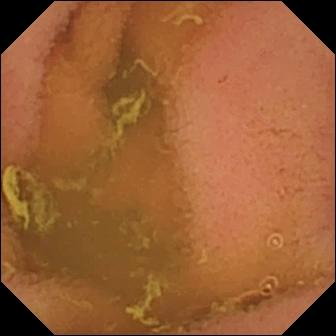Wireless capsule endoscopy. Small intestine. Luminal finding. Label: normal clean mucosa.